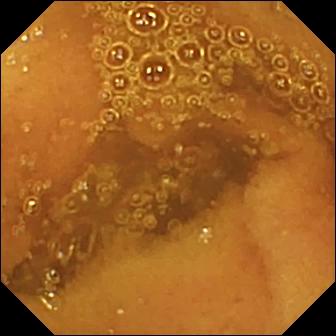- modality: small-bowel capsule endoscopy
- segment: small intestine
- label: normal clean mucosa